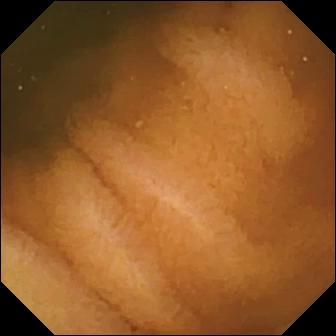- modality: WCE
- segment: small bowel
- label: normal clean mucosa